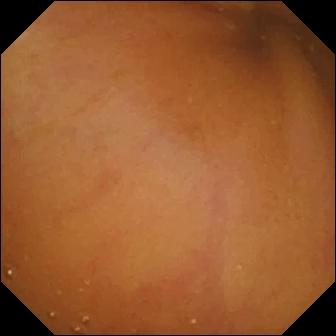Wireless capsule endoscopy snapshot
Label: normal clean mucosa